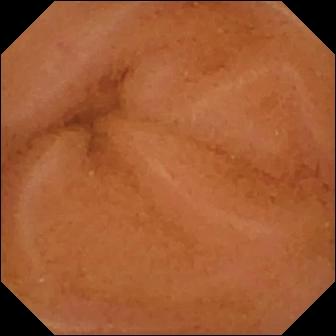Capsule endoscopy image of the small intestine showing normal clean mucosa.